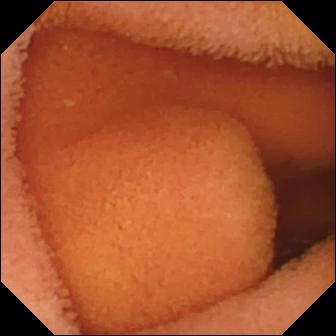Small-bowel capsule endoscopy view. Normal clean mucosa.